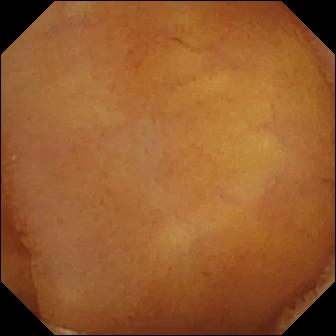Normal clean mucosa — small-bowel capsule endoscopy frame of the small intestine.